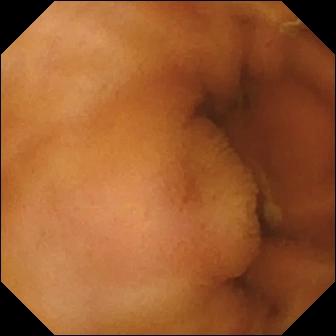{"modality": "video capsule endoscopy", "finding": "normal clean mucosa"}